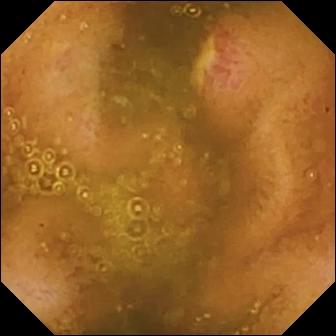Wireless capsule endoscopy view
Observation: ulcer